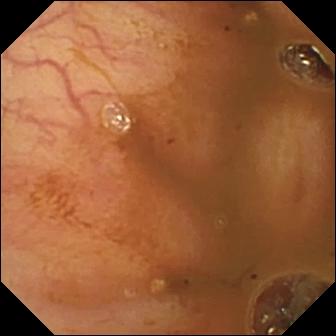PROCEDURE: Video capsule endoscopy.
VIDEO SEGMENT: Ileo-cecal valve region.